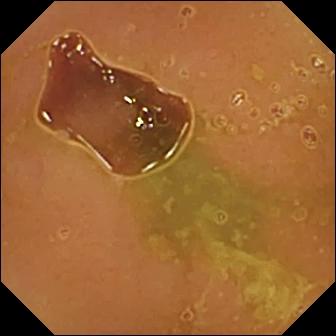- modality: capsule endoscopy
- segment: small bowel
- finding: normal clean mucosa